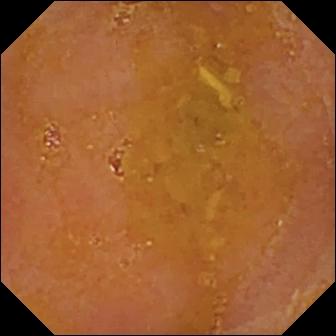Small-bowel capsule endoscopy image (small bowel). Reduced mucosal view (content or bubbles obscuring the mucosa).